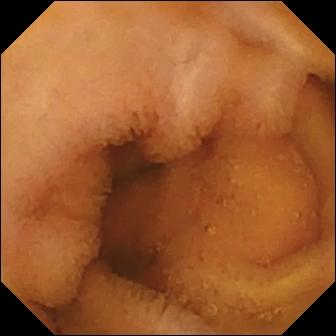This WCE snapshot shows normal clean mucosa.